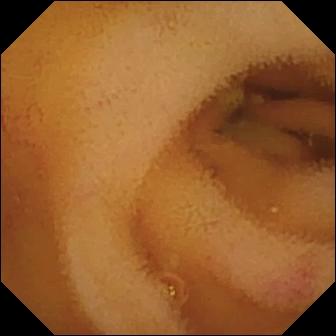This capsule endoscopy snapshot shows angiectasia.